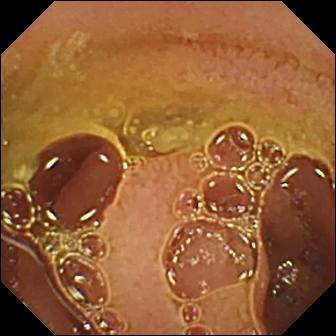- modality: small-bowel capsule endoscopy
- observation: normal clean mucosa